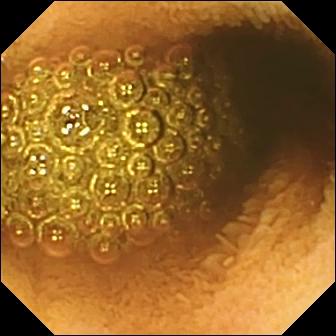Video capsule endoscopy frame of the small bowel showing reduced mucosal view (content or bubbles obscuring the mucosa).